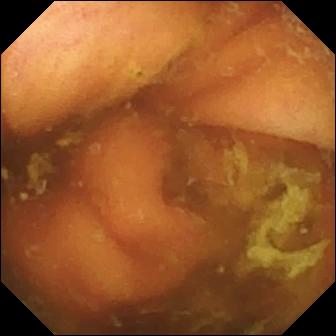Ileo-cecal valve region, 336×336.